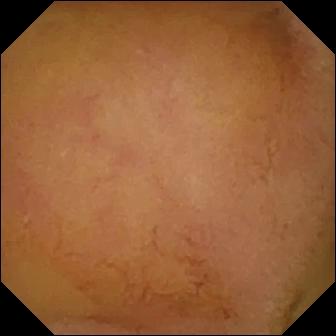WCE view. Normal clean mucosa.